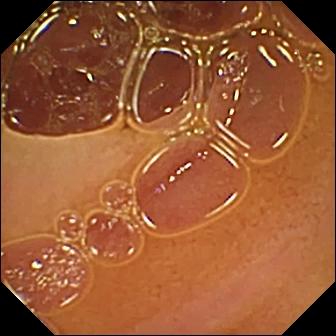- modality: small-bowel capsule endoscopy
- segment: small intestine
- label: normal clean mucosa